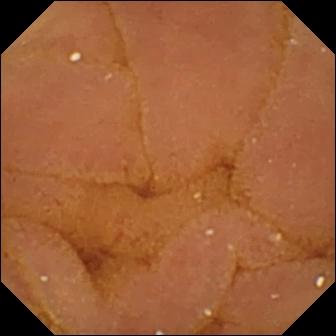This wireless capsule endoscopy still of the small bowel shows normal clean mucosa.